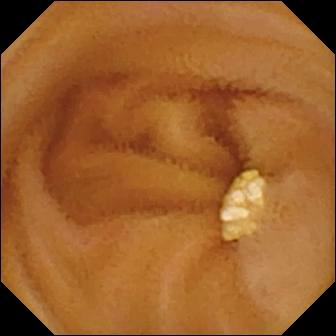modality: VCE
category: luminal finding
finding: lymphangiectasia